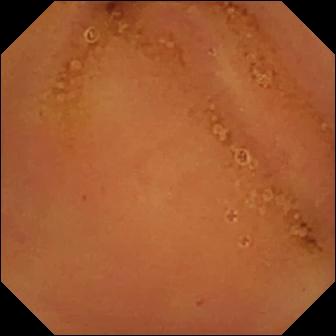modality: capsule endoscopy; category: luminal finding; impression: normal clean mucosa